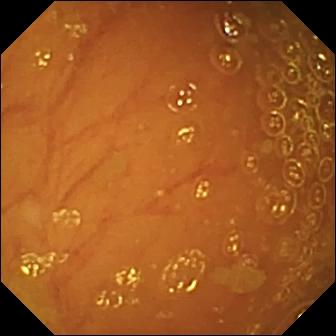Small-bowel capsule endoscopy — ileo-cecal valve region.